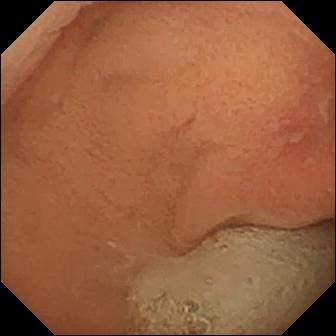Wireless capsule endoscopy image
Label: erosion